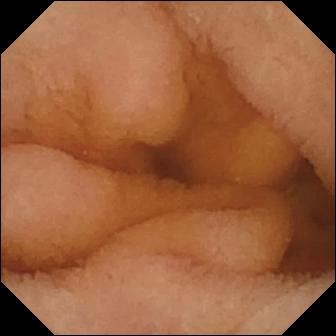Normal clean mucosa — wireless capsule endoscopy frame.